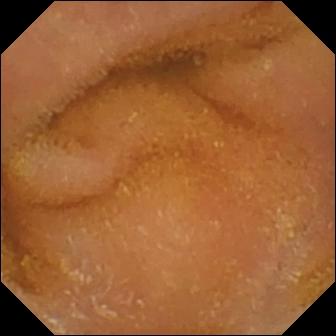{"modality": "WCE", "segment": "small intestine", "finding": "normal clean mucosa"}